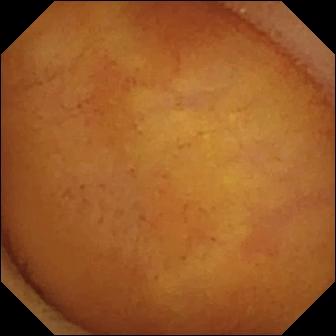Q: What does this small-bowel capsule endoscopy still of the small intestine show?
A: Normal clean mucosa.